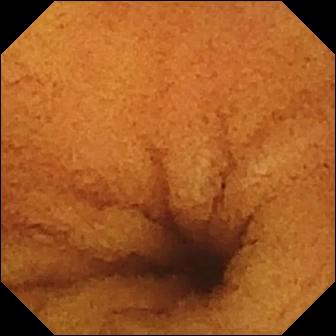VCE image, 336×336. Normal clean mucosa.